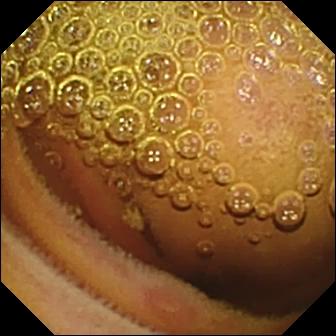Erosion.